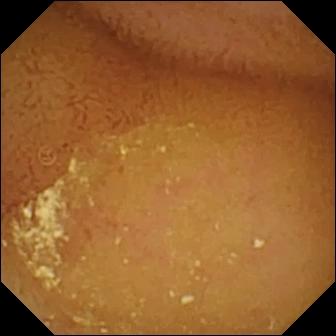WCE. Observation: normal clean mucosa.